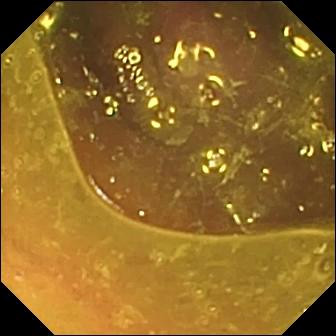This video capsule endoscopy still of the small intestine shows reduced mucosal view (content or bubbles obscuring the mucosa).